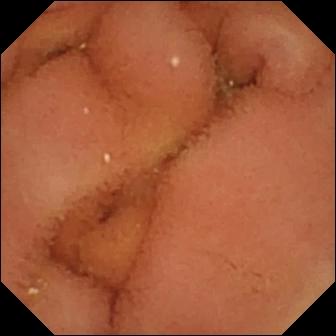{"modality": "small-bowel capsule endoscopy", "category": "luminal finding", "finding": "normal clean mucosa"}